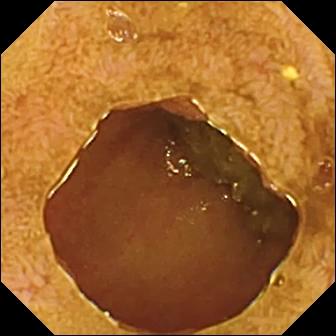Ileo-cecal valve region.